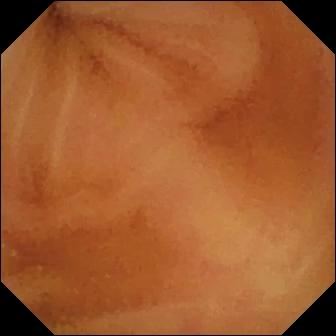- modality: WCE
- segment: small bowel
- finding: normal clean mucosa